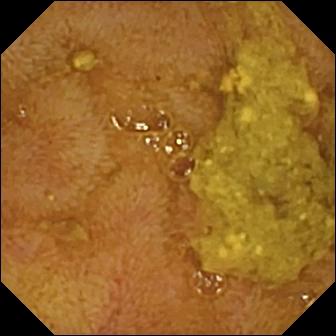This WCE frame was taken in the ileo-cecal valve region (where the capsule passes from the small bowel into the large bowel).